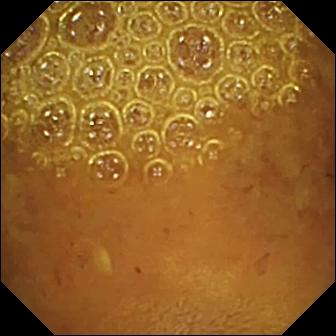Reduced mucosal view (content or bubbles obscuring the mucosa).